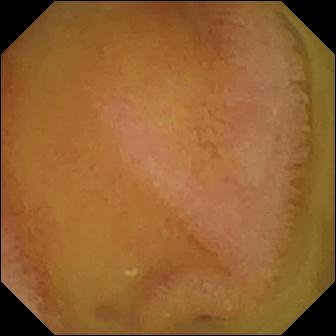VCE. Observation: normal clean mucosa.